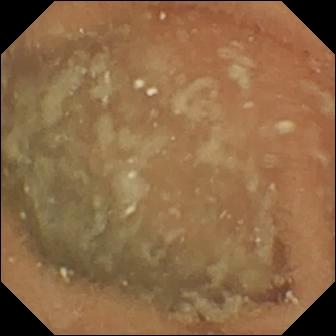WCE frame showing normal clean mucosa.